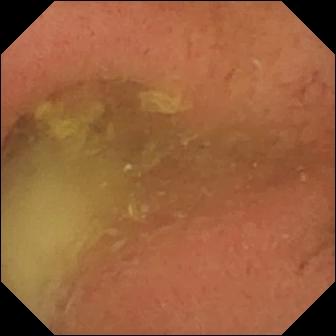Video capsule endoscopy image
Video segment: pylorus region (the junction between the stomach and the small bowel)